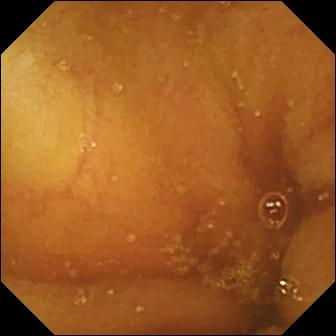WCE — normal clean mucosa.